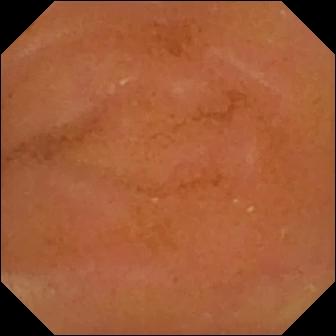- modality: video capsule endoscopy
- segment: small bowel
- finding: normal clean mucosa